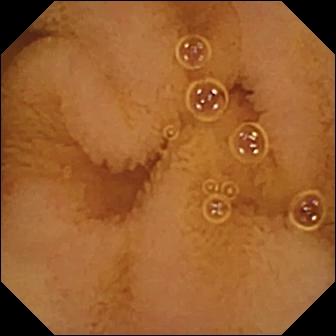PROCEDURE: Video capsule endoscopy.
SEGMENT: Small bowel.
FINDINGS: Normal clean mucosa.